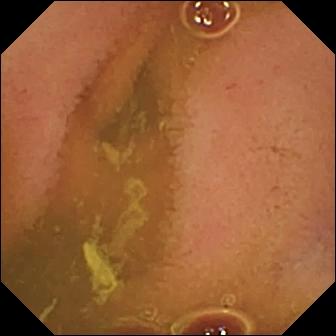{"modality": "WCE", "segment": "small bowel", "finding": "normal clean mucosa"}